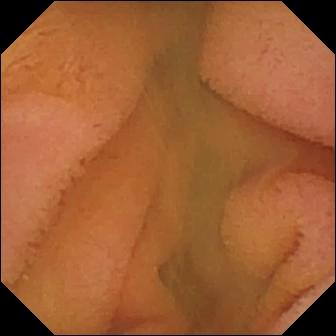modality: WCE | segment: small intestine | label: normal clean mucosa